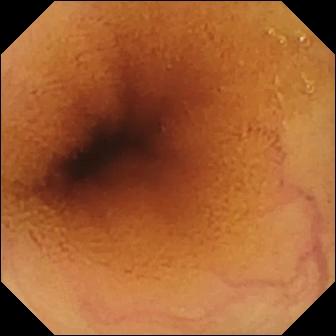{"modality": "small-bowel capsule endoscopy", "segment": "small intestine", "finding": "normal clean mucosa"}